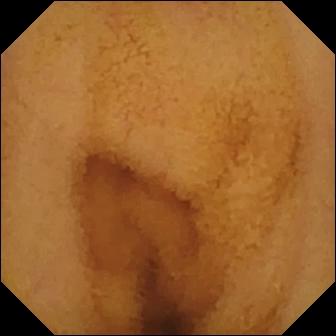Capsule endoscopy image showing normal clean mucosa.